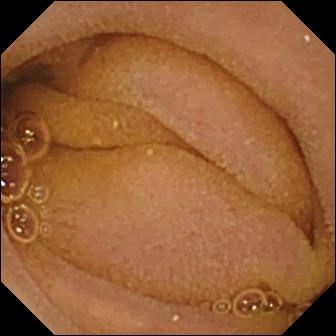WCE frame showing normal clean mucosa.